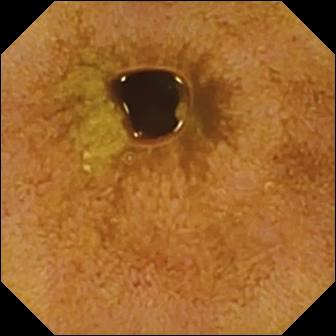VCE snapshot. Taken in the ileo-cecal valve region.